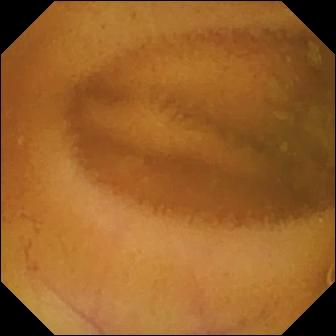modality: VCE
observation: normal clean mucosa